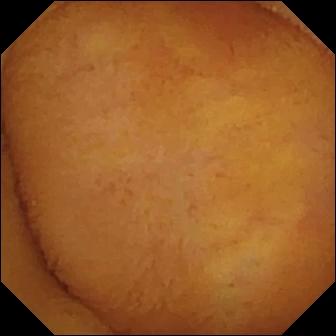Q: What does this WCE still show?
A: Normal clean mucosa.